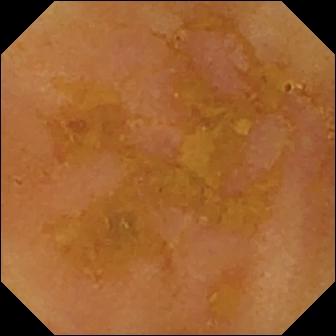Reduced mucosal view (content or bubbles obscuring the mucosa).